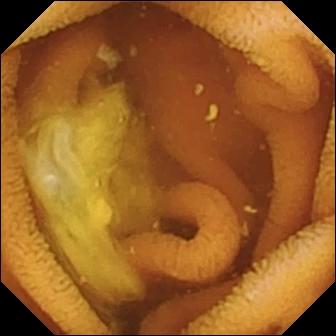- modality: small-bowel capsule endoscopy
- segment: small intestine
- impression: normal clean mucosa